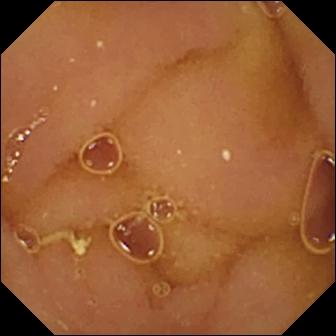WCE snapshot
Impression: normal clean mucosa